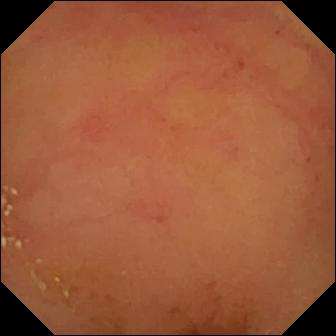Capsule endoscopy. Small intestine. Observation: normal clean mucosa.